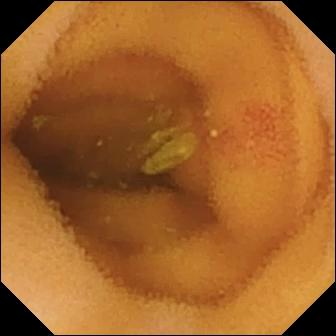Angiectasia — wireless capsule endoscopy snapshot.